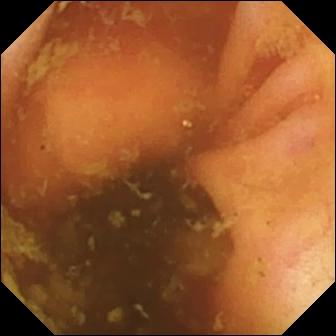{"modality": "video capsule endoscopy", "category": "anatomical landmark", "position": "ileo-cecal valve region (where the capsule passes from the small bowel into the large bowel)"}